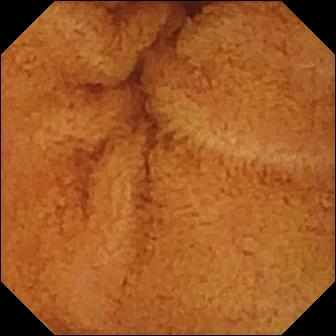This capsule endoscopy view shows normal clean mucosa.